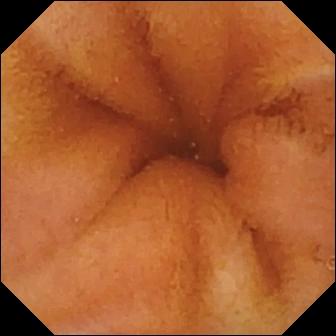- modality: WCE
- observation: normal clean mucosa